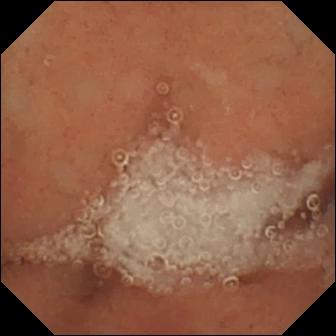modality: WCE
segment: small intestine
finding: normal clean mucosa